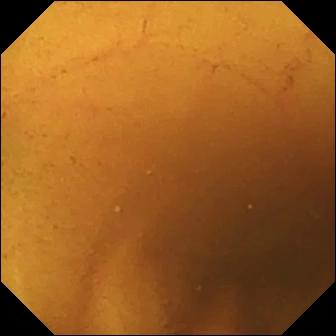Normal clean mucosa — wireless capsule endoscopy still.